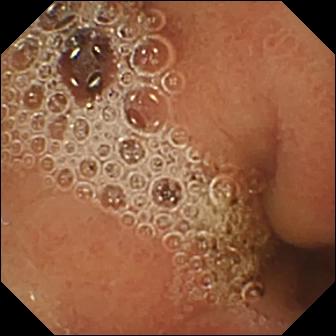VCE snapshot showing normal clean mucosa.